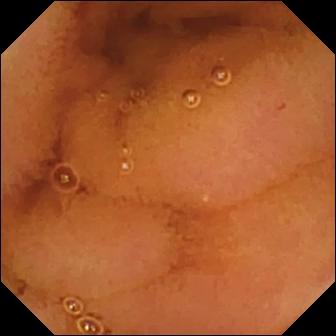This small-bowel capsule endoscopy image of the small intestine shows normal clean mucosa.